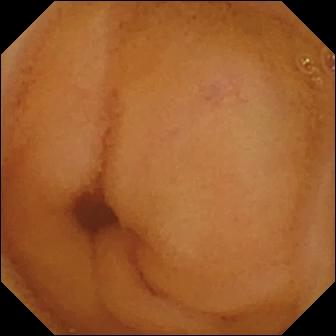Normal clean mucosa.